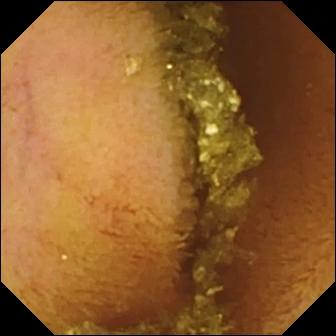modality: wireless capsule endoscopy
observation: normal clean mucosa